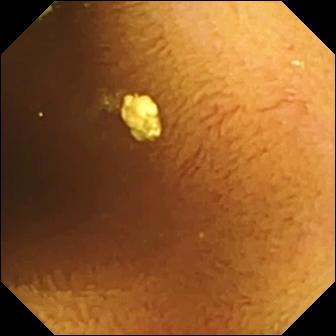VCE — normal clean mucosa.